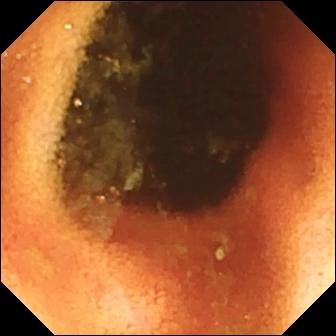VCE frame
Position: ileo-cecal valve region (the transition from the small bowel to the large bowel)